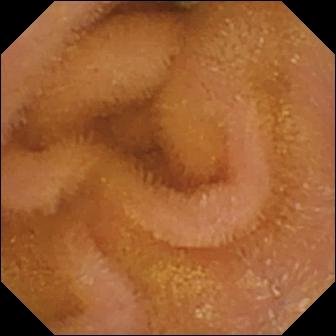PROCEDURE: WCE.
FINDINGS: Normal clean mucosa.